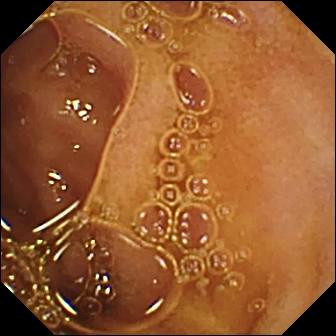{"modality": "small-bowel capsule endoscopy", "segment": "small intestine", "category": "luminal finding", "finding": "normal clean mucosa"}